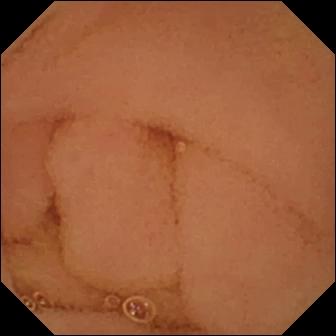Wireless capsule endoscopy snapshot of the small bowel showing normal clean mucosa.